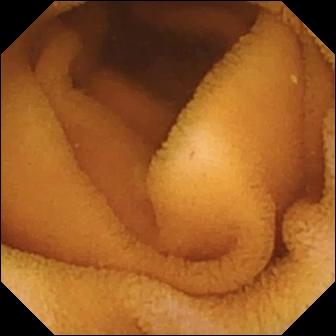PROCEDURE: VCE.
FINDINGS: Normal clean mucosa.